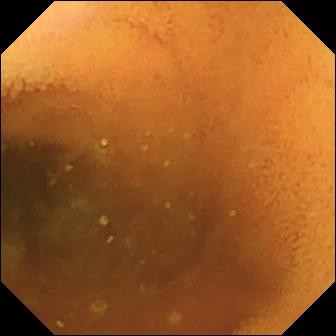Q: What does this small-bowel capsule endoscopy image of the small intestine show?
A: Normal clean mucosa.